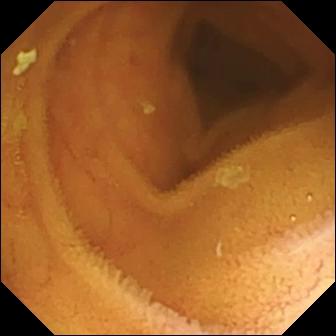modality: capsule endoscopy; segment: small intestine; impression: normal clean mucosa